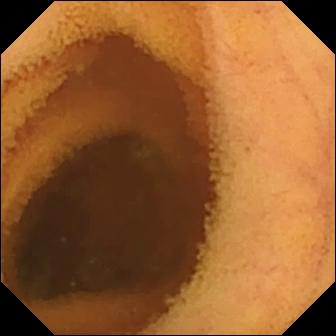Video capsule endoscopy. Small intestine. Observation: normal clean mucosa.